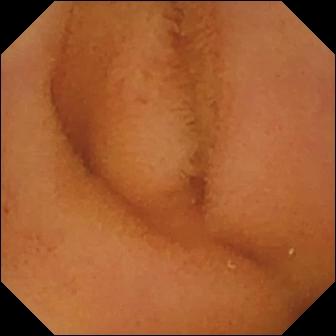modality: wireless capsule endoscopy
segment: small bowel
impression: normal clean mucosa